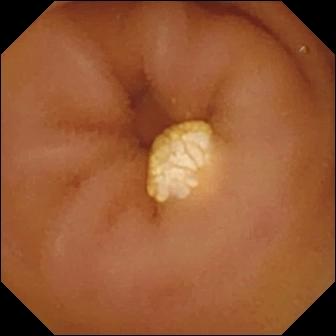This VCE still shows lymphangiectasia.